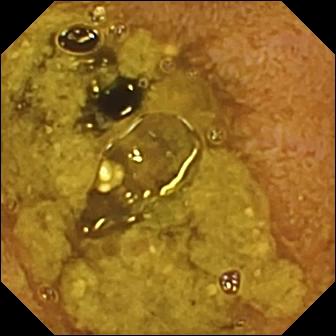Ileo-cecal valve region (where the capsule passes from the small bowel into the large bowel) — wireless capsule endoscopy still.